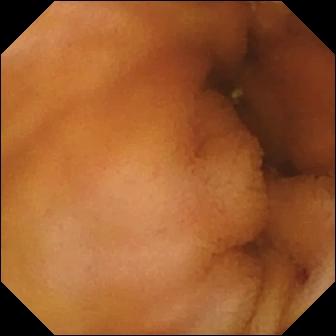PROCEDURE: WCE.
SEGMENT: Small intestine.
FINDINGS: Normal clean mucosa.